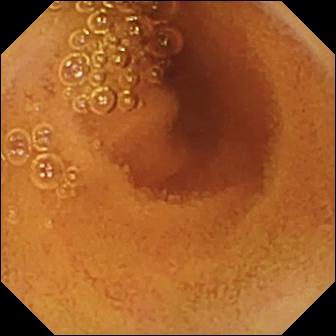Normal clean mucosa.